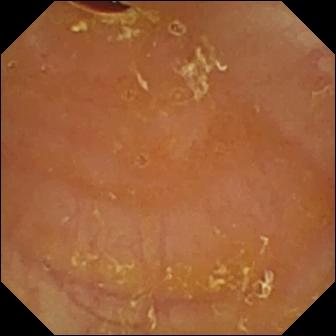- modality: wireless capsule endoscopy
- segment: small bowel
- observation: reduced mucosal view (content or bubbles obscuring the mucosa)